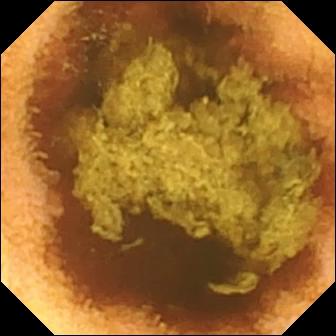Capsule endoscopy. Impression: normal clean mucosa.